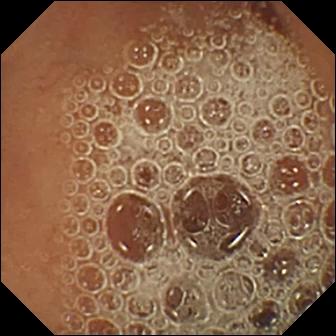modality: VCE; impression: normal clean mucosa